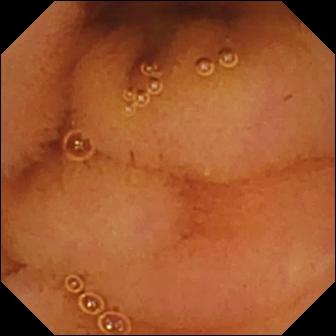VCE view of the small bowel showing normal clean mucosa.